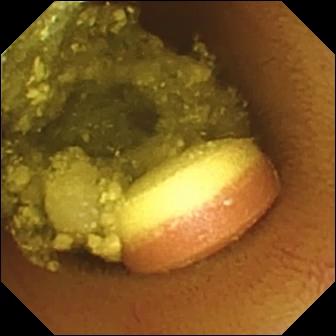Foreign body (e.g. retained capsule, tablet residue) — small-bowel capsule endoscopy still.